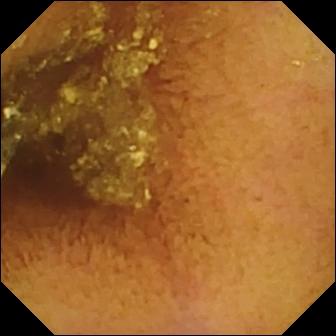Video capsule endoscopy — normal clean mucosa.